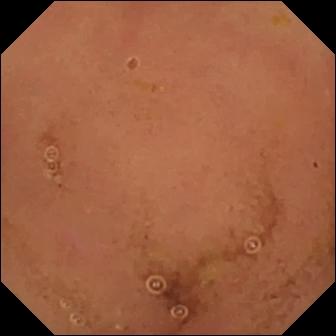{"modality": "VCE", "segment": "small bowel", "category": "luminal finding", "finding": "normal clean mucosa"}